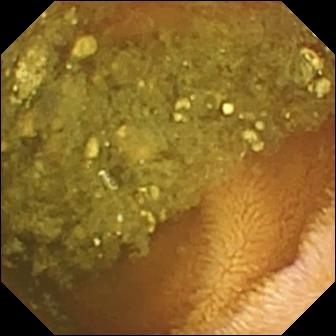modality: wireless capsule endoscopy | segment: small bowel | observation: reduced mucosal view (content or bubbles obscuring the mucosa)